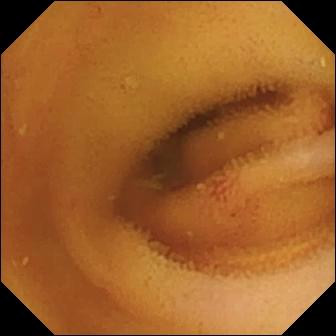Angiectasia (336×336).